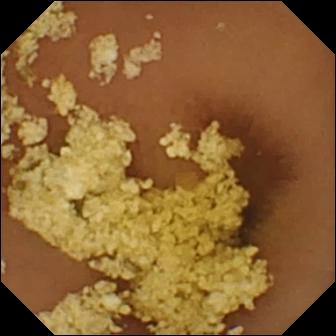Capsule endoscopy still showing normal clean mucosa.